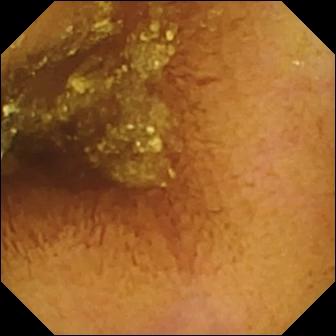Capsule endoscopy image showing normal clean mucosa.